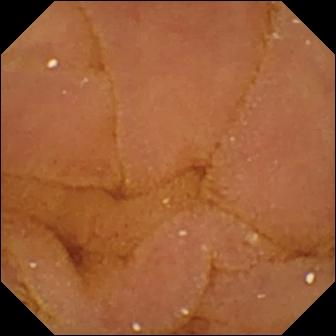Q: What does this VCE snapshot of the small bowel show?
A: Normal clean mucosa.